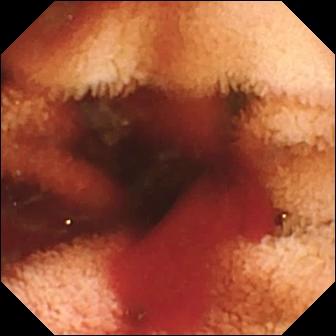Wireless capsule endoscopy view showing fresh blood in the lumen.